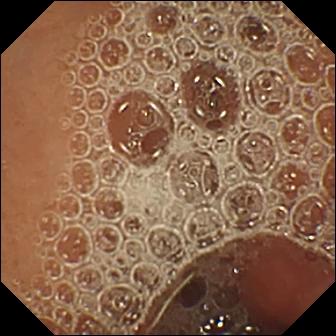PROCEDURE: WCE.
FINDINGS: Normal clean mucosa.